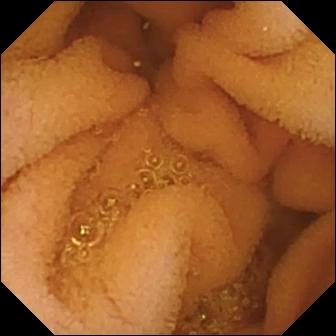Capsule endoscopy frame (small bowel). Normal clean mucosa.